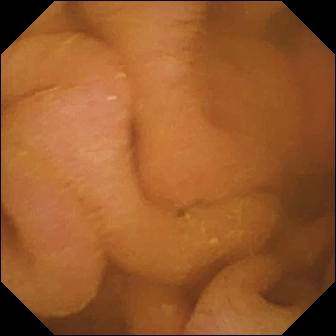modality: capsule endoscopy | segment: small bowel | finding: normal clean mucosa